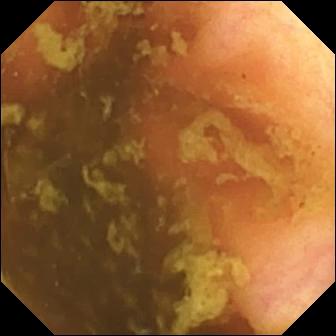Wireless capsule endoscopy frame taken in the ileo-cecal valve region.